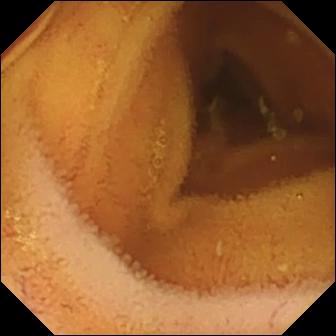Normal clean mucosa.